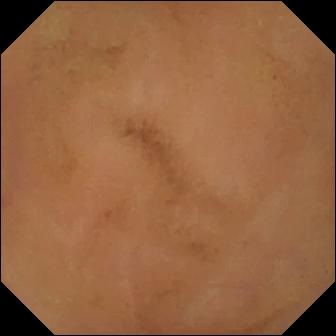PROCEDURE: WCE.
SEGMENT: Small intestine.
FINDINGS: Normal clean mucosa.